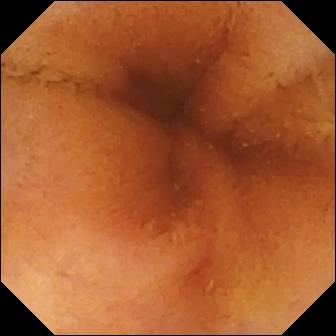Video capsule endoscopy view
Impression: normal clean mucosa